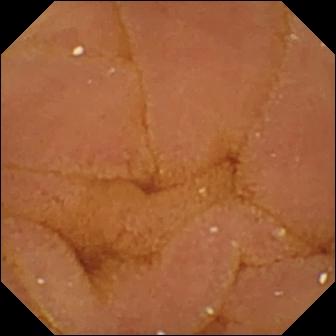- modality: VCE
- impression: normal clean mucosa